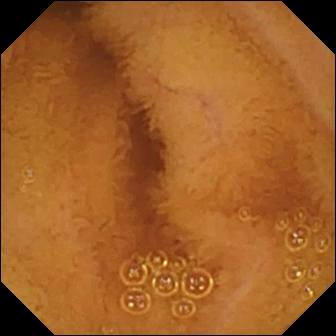This VCE view shows normal clean mucosa.